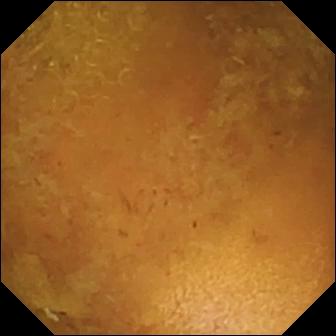Reduced mucosal view (content or bubbles obscuring the mucosa).